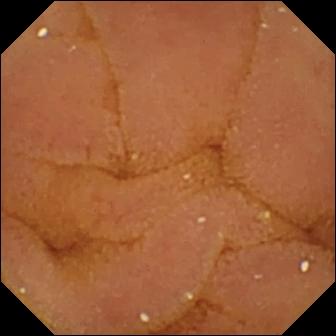Q: What does this small-bowel capsule endoscopy still show?
A: Normal clean mucosa.